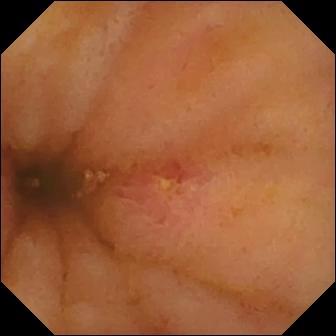Ulcer — capsule endoscopy still.